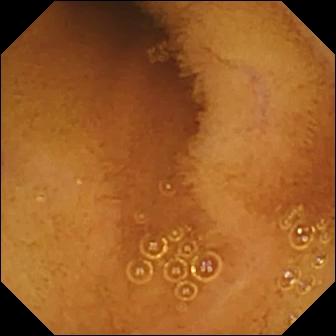Normal clean mucosa — wireless capsule endoscopy snapshot.